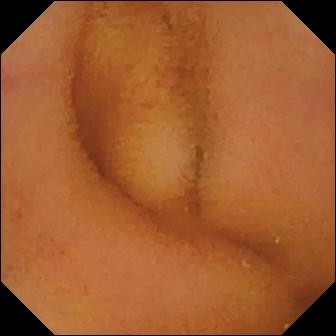VCE. Small bowel. Finding: normal clean mucosa.